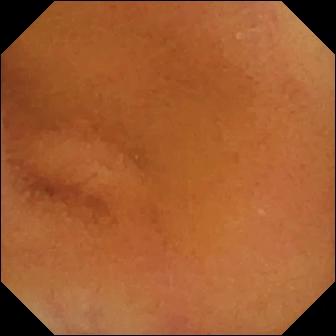Normal clean mucosa — WCE view.